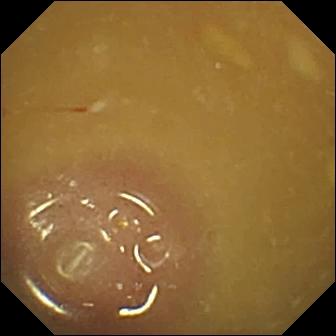{"modality": "video capsule endoscopy", "label": "ileo-cecal valve region (where the capsule passes from the small bowel into the large bowel)"}